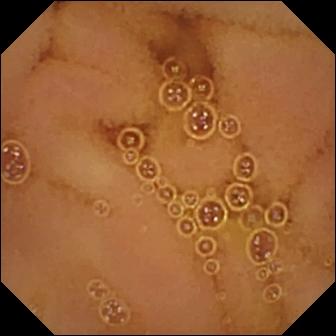This VCE image shows normal clean mucosa.